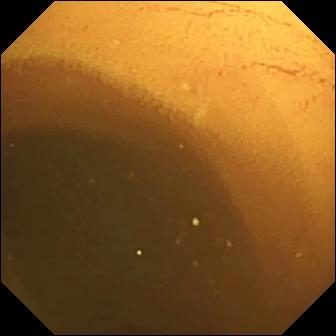Q: What does this small-bowel capsule endoscopy frame of the small bowel show?
A: Normal clean mucosa.